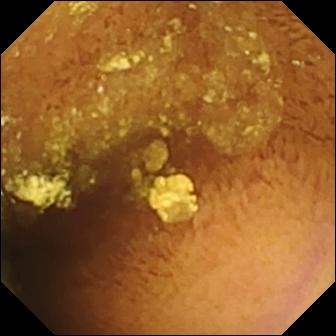Wireless capsule endoscopy image
Observation: normal clean mucosa